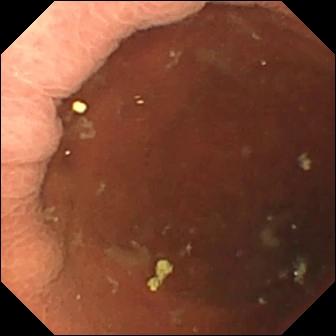Pylorus region (where the capsule passes from the stomach into the small bowel).